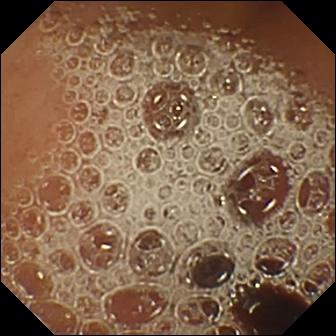This video capsule endoscopy snapshot shows normal clean mucosa.